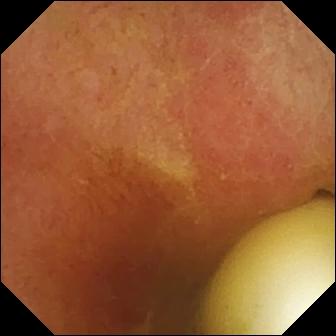WCE. Observation: foreign body (e.g. retained capsule, tablet residue).